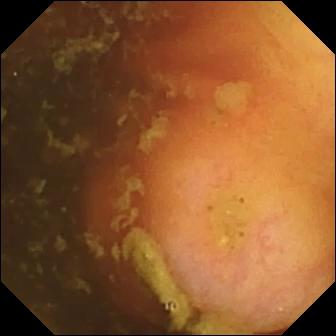Q: Where in the digestive tract was this WCE image taken?
A: Ileo-cecal valve region (the transition from the small bowel to the large bowel).